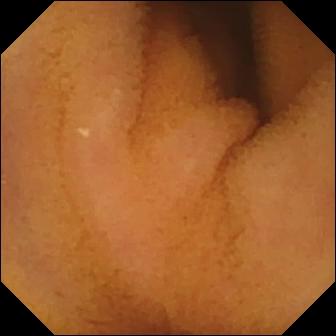Capsule endoscopy — normal clean mucosa.